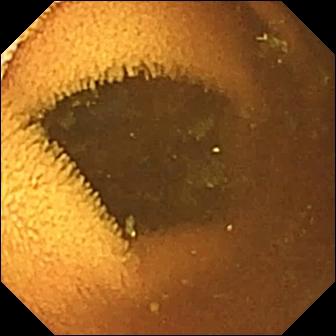Q: What does this small-bowel capsule endoscopy frame of the small bowel show?
A: Normal clean mucosa.